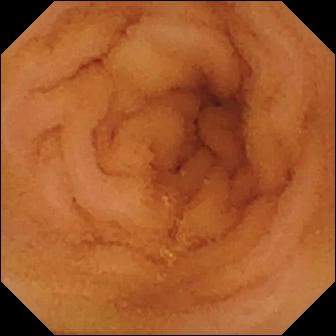Wireless capsule endoscopy — normal clean mucosa.